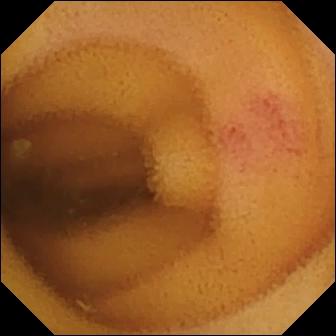Small-bowel capsule endoscopy — angiectasia.